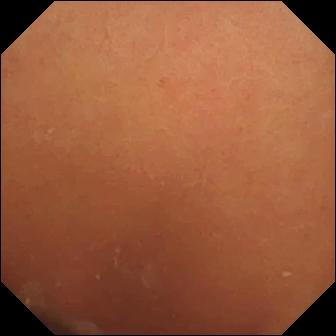Q: What does this video capsule endoscopy image show?
A: Normal clean mucosa.